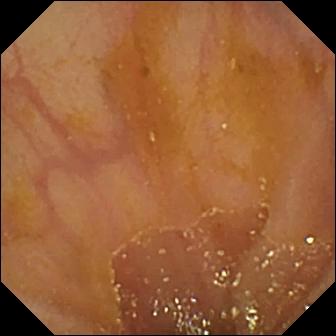Video capsule endoscopy — ileo-cecal valve region (where the capsule passes from the small bowel into the large bowel).